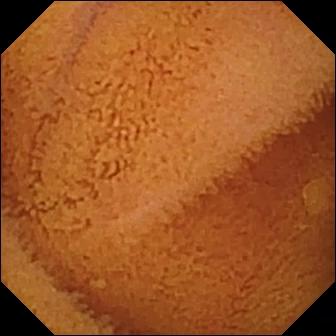VCE — normal clean mucosa.